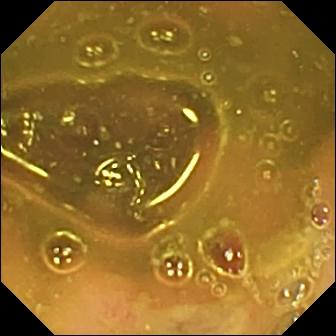This video capsule endoscopy snapshot was taken in the ileo-cecal valve region (where the capsule passes from the small bowel into the large bowel).